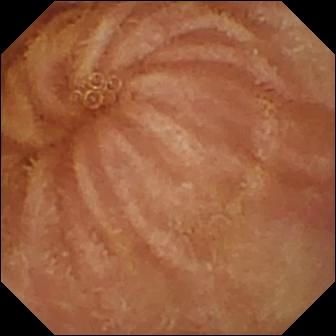modality: VCE
segment: small intestine
category: luminal finding
finding: normal clean mucosa